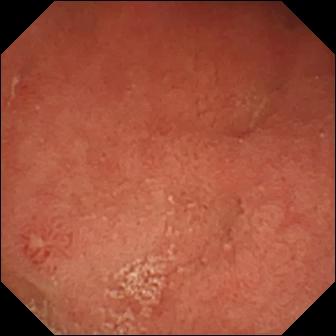modality: wireless capsule endoscopy; video segment: pylorus region (where the capsule passes from the stomach into the small bowel)